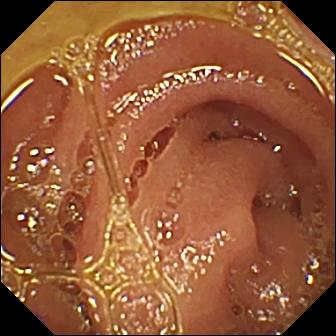{"modality": "capsule endoscopy", "segment": "small intestine", "finding": "normal clean mucosa"}